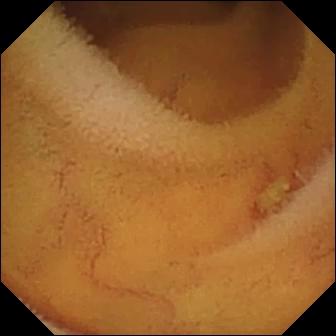VCE — normal clean mucosa.